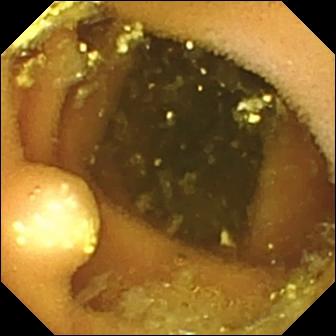This small-bowel capsule endoscopy still shows lymphangiectasia.